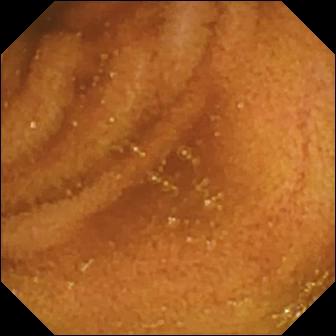Capsule endoscopy image of the small bowel showing normal clean mucosa.